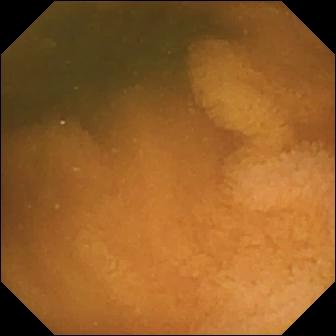Wireless capsule endoscopy frame (small bowel). Normal clean mucosa.